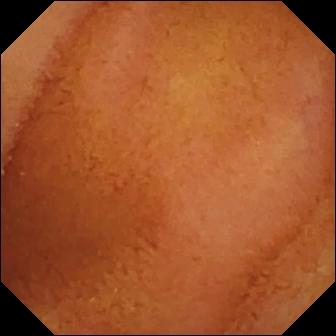Q: What does this VCE frame of the small intestine show?
A: Normal clean mucosa.